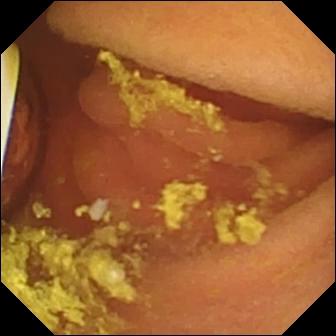Video capsule endoscopy — foreign body (e.g. retained capsule, tablet residue).